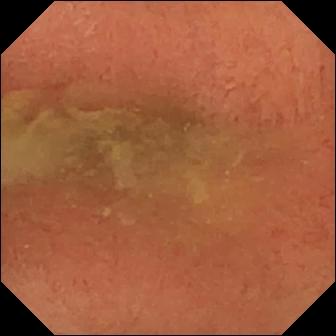- modality: capsule endoscopy
- category: anatomical landmark
- location: pylorus region (the junction between the stomach and the small bowel)